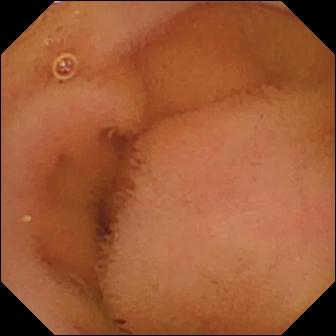Small-bowel capsule endoscopy still. Normal clean mucosa.